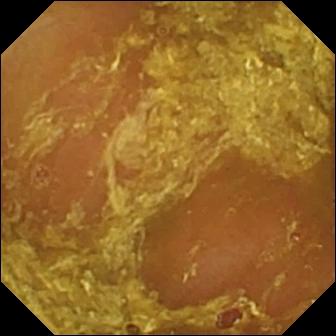Video capsule endoscopy snapshot
Label: reduced mucosal view (content or bubbles obscuring the mucosa)